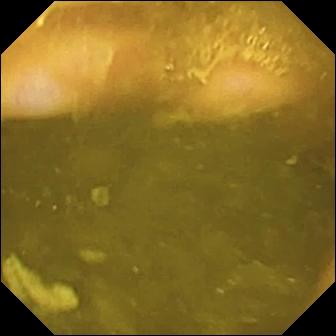{"modality": "small-bowel capsule endoscopy", "location": "ileo-cecal valve region"}